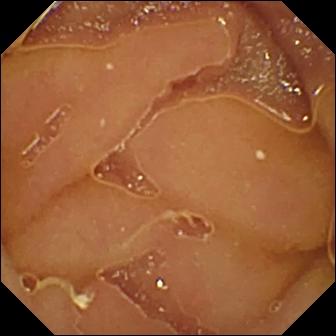Wireless capsule endoscopy frame, small intestine
Finding: normal clean mucosa